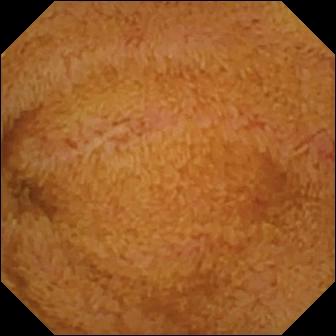VCE snapshot, 336×336. Taken in the ileo-cecal valve region (where the capsule passes from the small bowel into the large bowel).